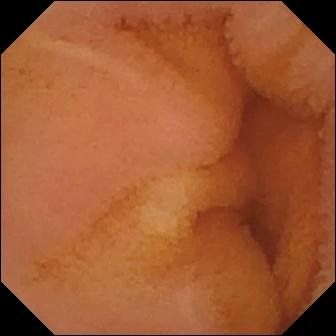Small-bowel capsule endoscopy image, small intestine
Impression: normal clean mucosa